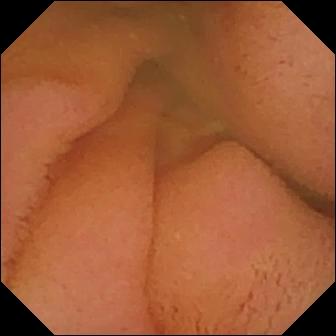WCE frame, small bowel
Label: normal clean mucosa